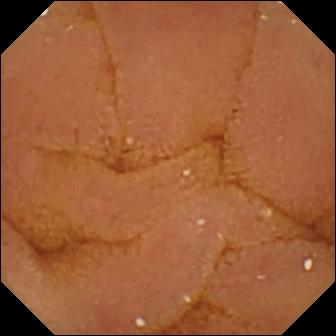modality: VCE | observation: normal clean mucosa